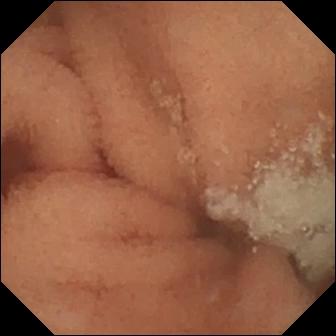PROCEDURE: Wireless capsule endoscopy.
FINDINGS: Normal clean mucosa.